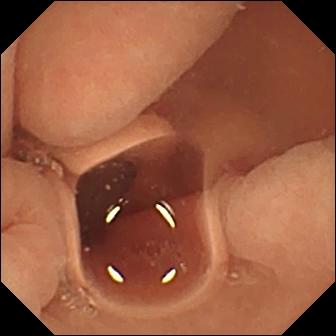{"modality": "video capsule endoscopy", "finding": "normal clean mucosa"}